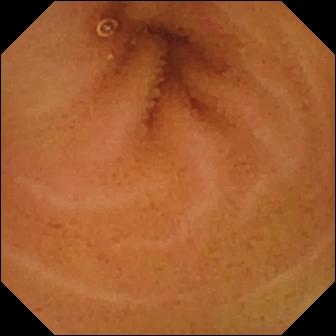modality: video capsule endoscopy | segment: small intestine | impression: normal clean mucosa